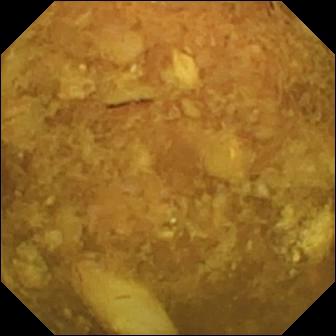Wireless capsule endoscopy image (small intestine). Reduced mucosal view (content or bubbles obscuring the mucosa).